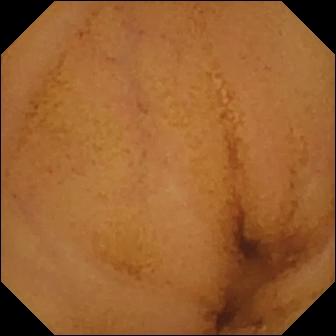Capsule endoscopy — normal clean mucosa.